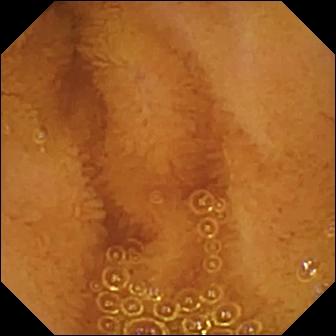modality: WCE
segment: small bowel
impression: normal clean mucosa